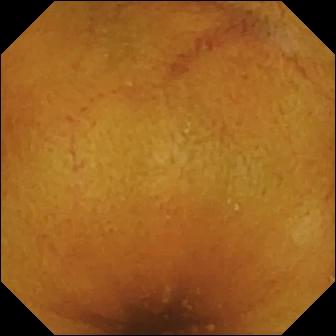modality: small-bowel capsule endoscopy; segment: small bowel; finding: normal clean mucosa